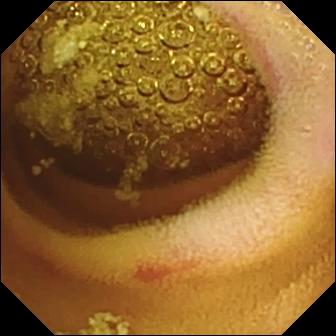WCE. Label: erosion.